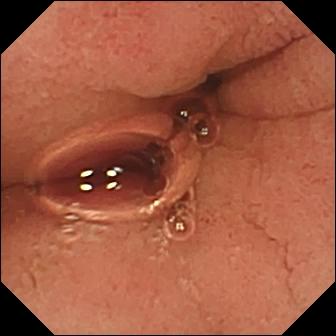Q: Where in the digestive tract was this video capsule endoscopy frame taken?
A: Pylorus region (where the capsule passes from the stomach into the small bowel).